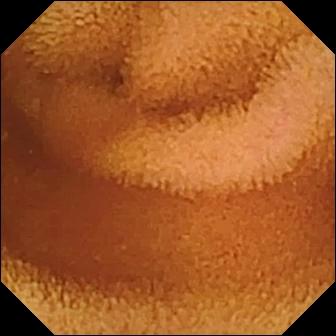Video capsule endoscopy — normal clean mucosa.